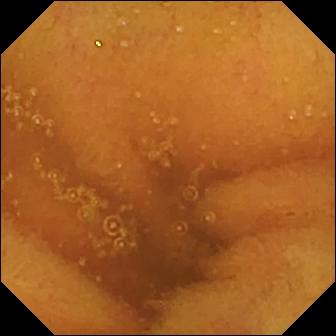This capsule endoscopy frame shows normal clean mucosa.